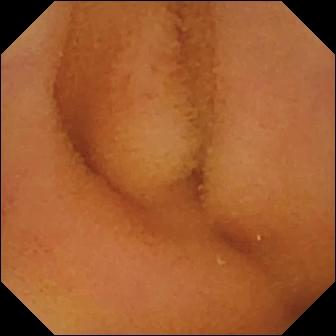VCE. Impression: normal clean mucosa.